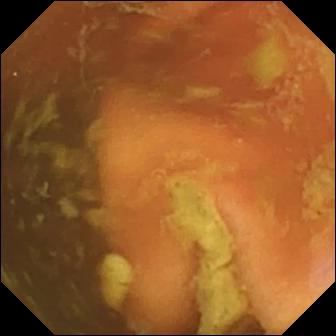Ileo-cecal valve region (where the capsule passes from the small bowel into the large bowel) — small-bowel capsule endoscopy snapshot.